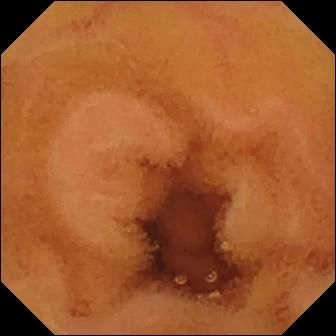- modality: WCE
- finding: normal clean mucosa